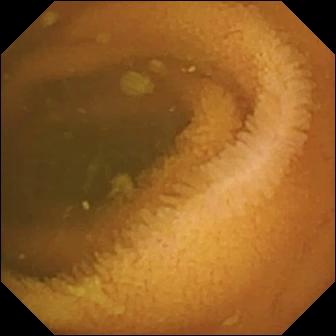VCE image, small bowel
Finding: normal clean mucosa